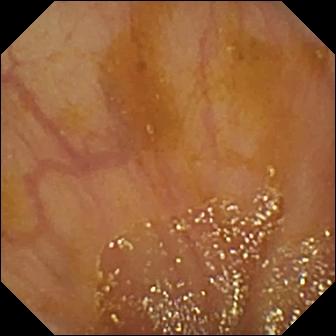This video capsule endoscopy view was taken in the ileo-cecal valve region.